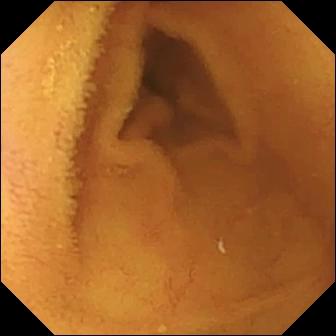{"modality": "wireless capsule endoscopy", "finding": "normal clean mucosa"}